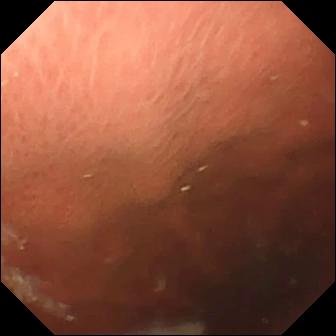Video capsule endoscopy frame. Taken in the pylorus region (where the capsule passes from the stomach into the small bowel).